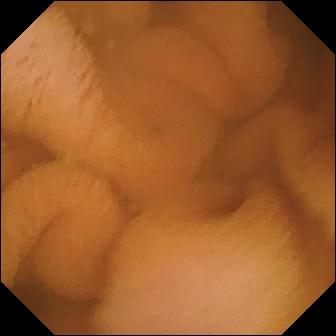Capsule endoscopy frame showing normal clean mucosa.